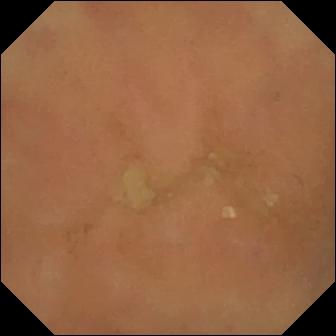WCE still
Impression: normal clean mucosa